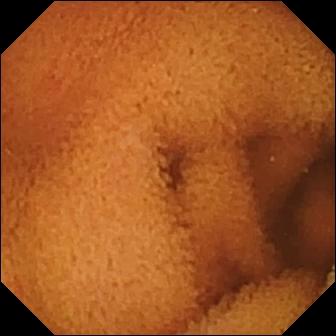Capsule endoscopy frame. Normal clean mucosa.